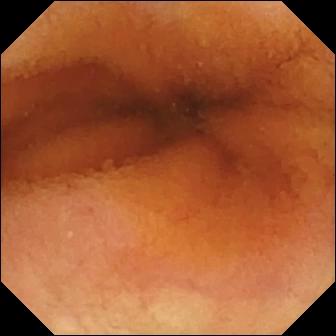Small-bowel capsule endoscopy — normal clean mucosa.